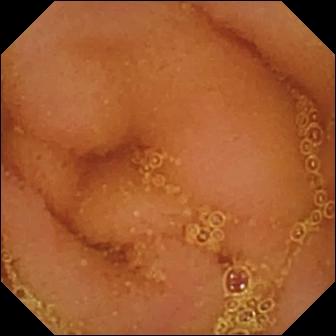VCE. Small intestine. Label: normal clean mucosa.